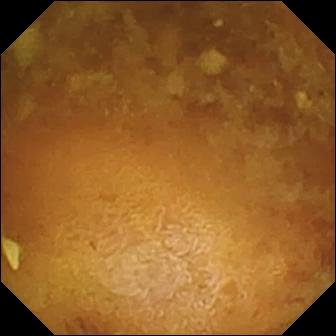- modality: small-bowel capsule endoscopy
- segment: small intestine
- finding: reduced mucosal view (content or bubbles obscuring the mucosa)